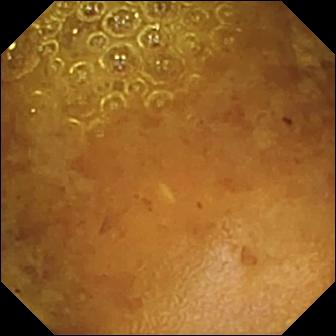VCE — reduced mucosal view (content or bubbles obscuring the mucosa).